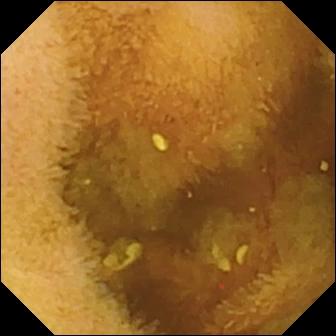Normal clean mucosa — VCE image of the small intestine.